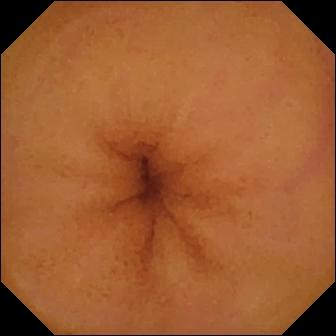modality: video capsule endoscopy | segment: small intestine | category: luminal finding | finding: normal clean mucosa